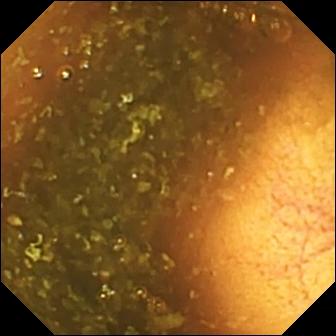PROCEDURE: WCE.
POSITION: Ileo-cecal valve region (where the capsule passes from the small bowel into the large bowel).